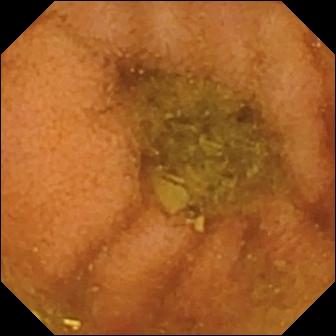- modality: video capsule endoscopy
- label: normal clean mucosa